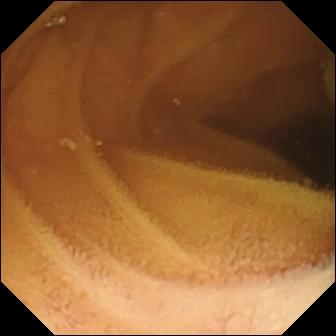Normal clean mucosa — WCE image of the small intestine.